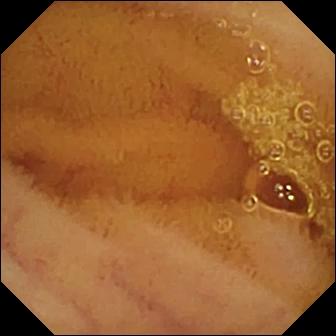Small-bowel capsule endoscopy — normal clean mucosa.